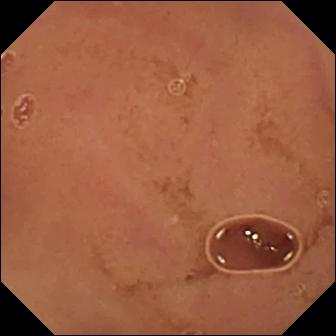WCE image, small bowel
Observation: normal clean mucosa